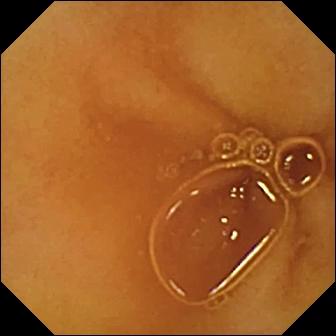- modality: small-bowel capsule endoscopy
- label: normal clean mucosa